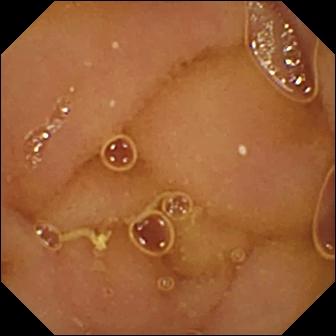Video capsule endoscopy. Label: normal clean mucosa.